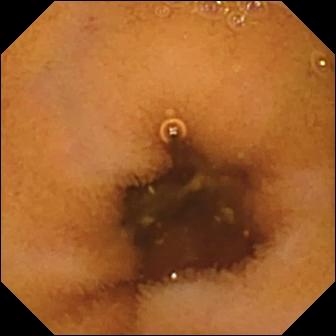VCE view. Normal clean mucosa.